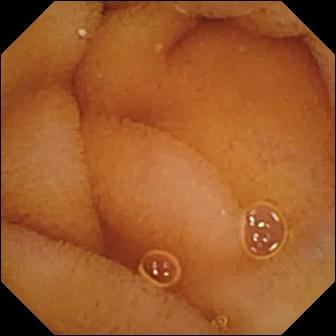Normal clean mucosa (336×336).